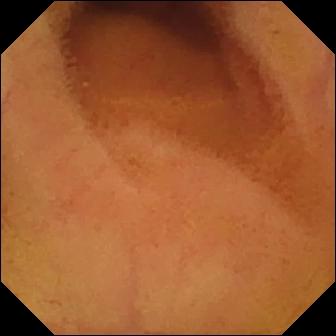PROCEDURE: Video capsule endoscopy.
SEGMENT: Small bowel.
FINDINGS: Normal clean mucosa.